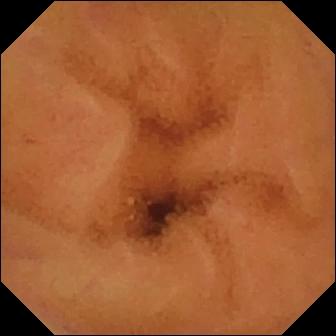Q: What does this capsule endoscopy frame of the small bowel show?
A: Normal clean mucosa.